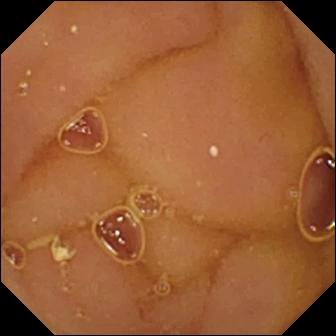Q: What does this WCE view of the small bowel show?
A: Normal clean mucosa.